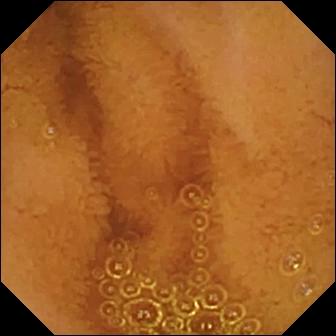- modality: WCE
- finding: normal clean mucosa